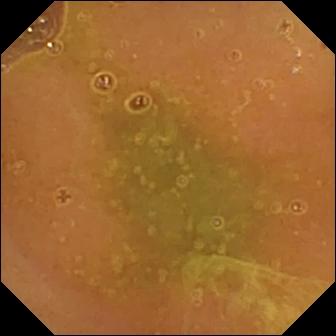This video capsule endoscopy view of the small intestine shows normal clean mucosa.